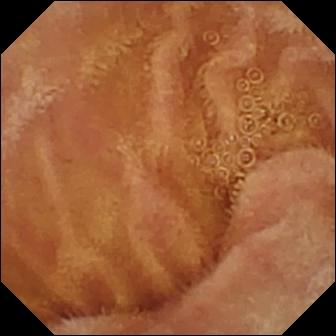Wireless capsule endoscopy still (small bowel). Normal clean mucosa.